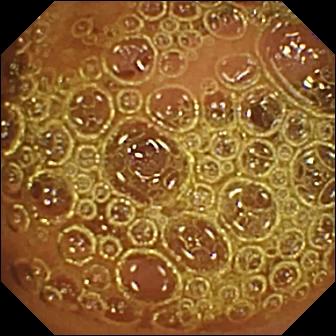Small-bowel capsule endoscopy. Small intestine. Observation: normal clean mucosa.